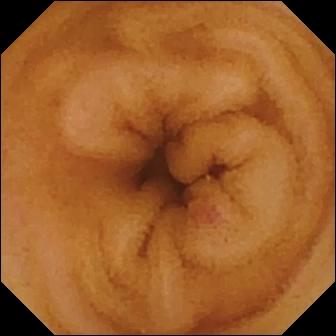Video capsule endoscopy frame. Angiectasia.